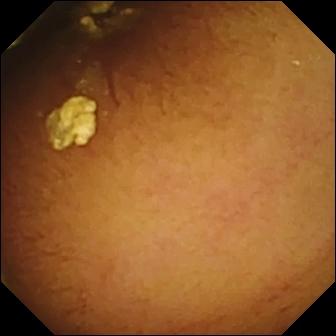- modality: wireless capsule endoscopy
- category: luminal finding
- impression: normal clean mucosa